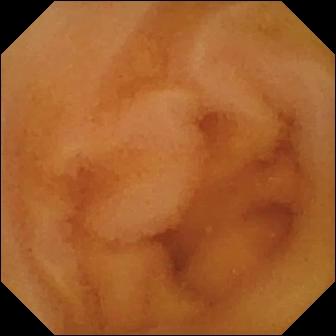Q: What does this small-bowel capsule endoscopy snapshot of the small bowel show?
A: Normal clean mucosa.